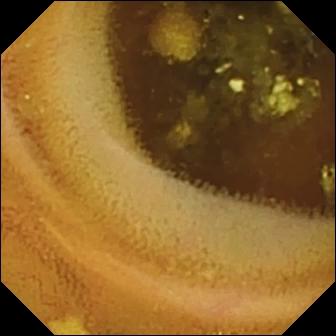Lymphangiectasia — video capsule endoscopy image.